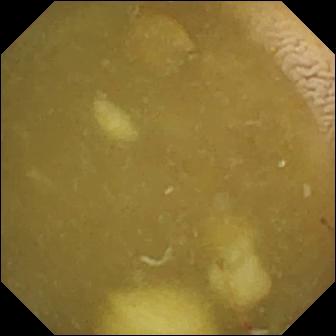{"modality": "small-bowel capsule endoscopy", "position": "ileo-cecal valve region"}